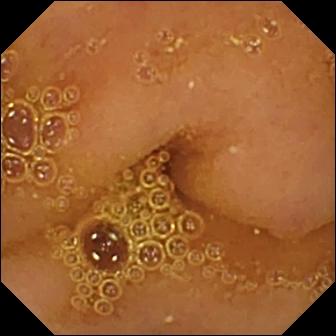WCE. Luminal finding. Observation: normal clean mucosa.